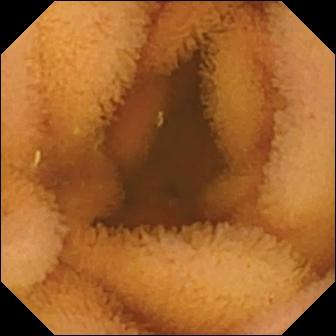Normal clean mucosa — WCE still of the small bowel.